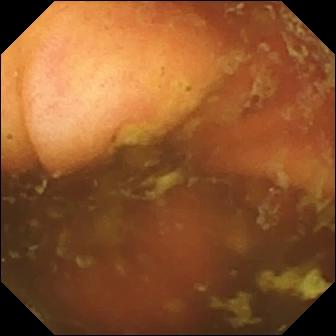Ileo-cecal valve region (the transition from the small bowel to the large bowel).